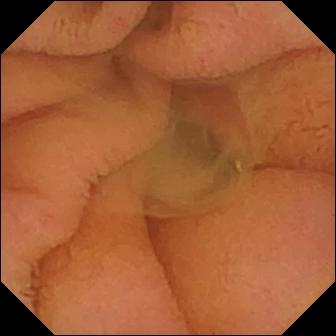{"modality": "video capsule endoscopy", "segment": "small intestine", "finding": "normal clean mucosa"}